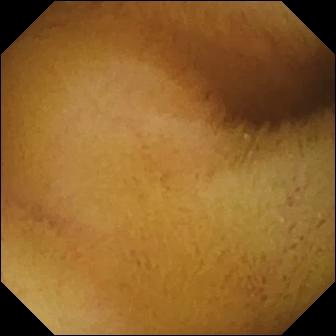Video capsule endoscopy. Small bowel. Luminal finding. Observation: normal clean mucosa.